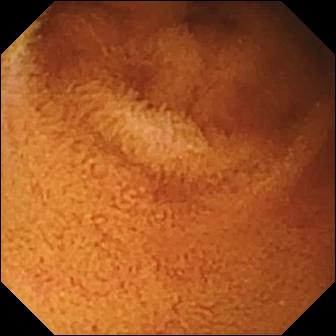Wireless capsule endoscopy image
Label: normal clean mucosa